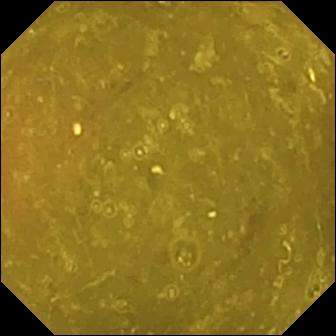This wireless capsule endoscopy still was taken in the ileo-cecal valve region (where the capsule passes from the small bowel into the large bowel).